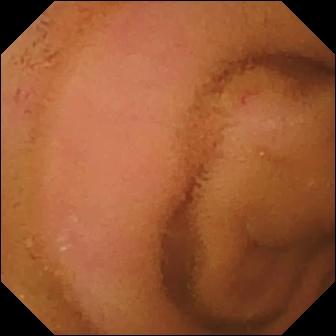Small-bowel capsule endoscopy snapshot, small bowel
Impression: normal clean mucosa